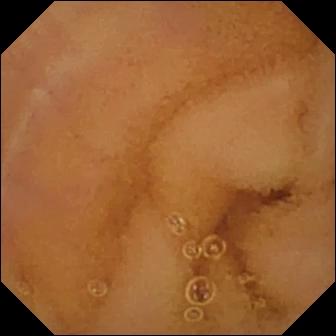Normal clean mucosa.